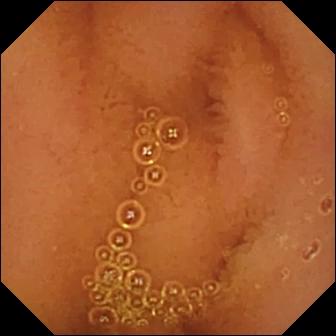Video capsule endoscopy. Small bowel. Finding: normal clean mucosa.